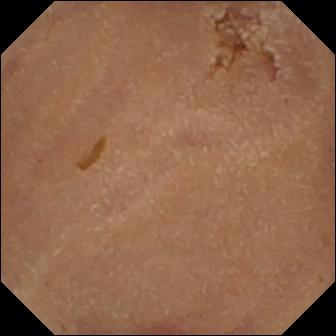Video capsule endoscopy. Luminal finding. Finding: normal clean mucosa.